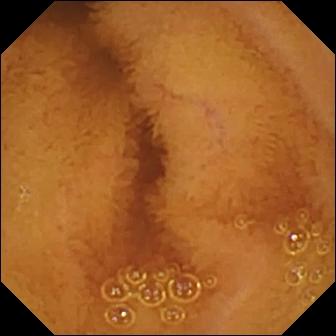modality: wireless capsule endoscopy
segment: small intestine
category: luminal finding
finding: normal clean mucosa